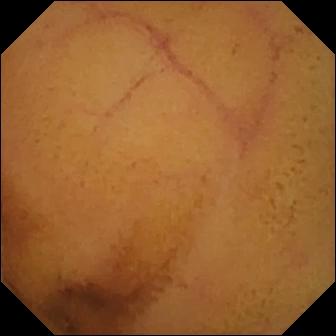WCE frame of the small intestine showing normal clean mucosa.